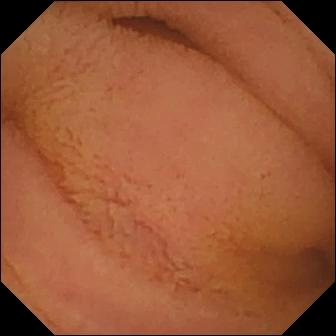Video capsule endoscopy snapshot. Normal clean mucosa.